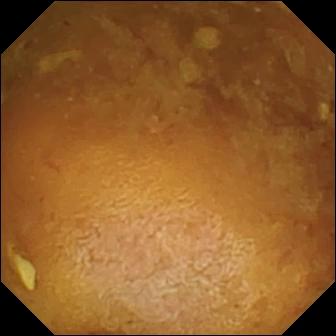WCE frame of the small intestine showing reduced mucosal view (content or bubbles obscuring the mucosa).